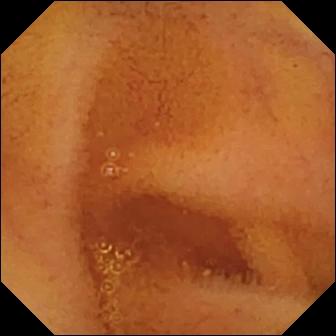Capsule endoscopy. Small intestine. Label: normal clean mucosa.